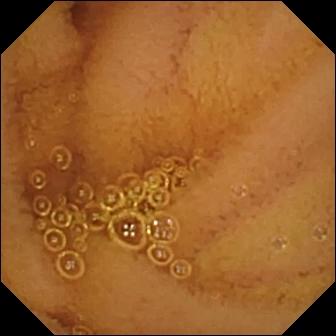VCE snapshot (small bowel). Normal clean mucosa.